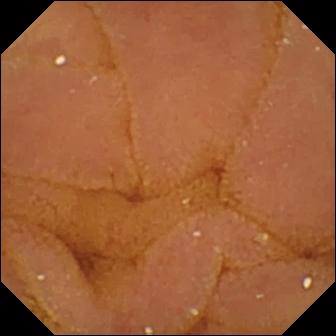Normal clean mucosa — capsule endoscopy snapshot.